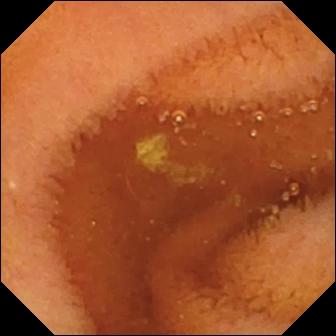Capsule endoscopy — normal clean mucosa.